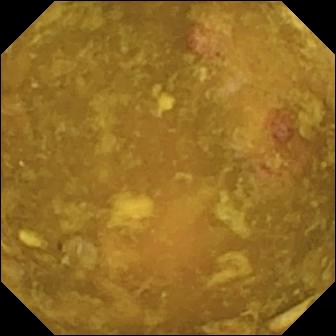PROCEDURE: WCE.
FINDINGS: Reduced mucosal view (content or bubbles obscuring the mucosa).